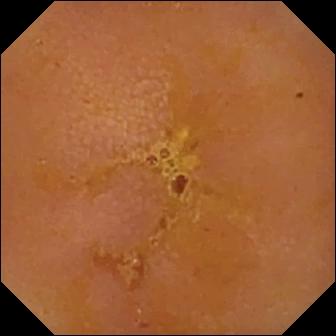PROCEDURE: Wireless capsule endoscopy.
SEGMENT: Small intestine.
FINDINGS: Reduced mucosal view (content or bubbles obscuring the mucosa).